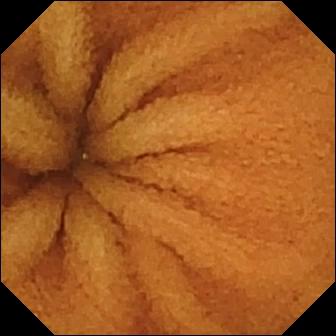Q: What does this WCE snapshot of the small intestine show?
A: Normal clean mucosa.